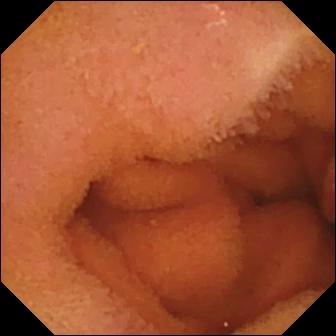Normal clean mucosa — video capsule endoscopy image of the small bowel.